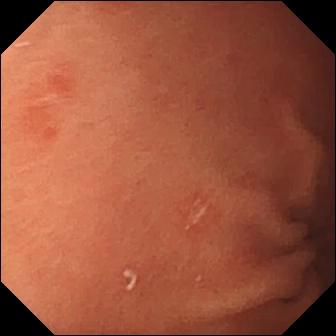Wireless capsule endoscopy. Finding: erosion.